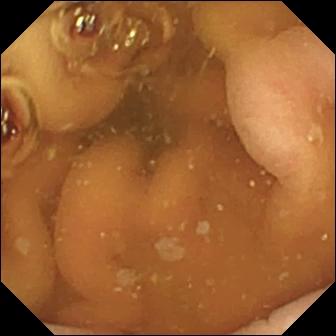Capsule endoscopy snapshot, 336×336. Taken in the pylorus region.